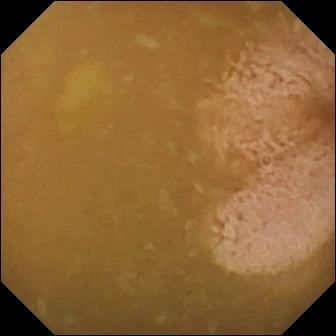VCE. Location: ileo-cecal valve region (the transition from the small bowel to the large bowel).